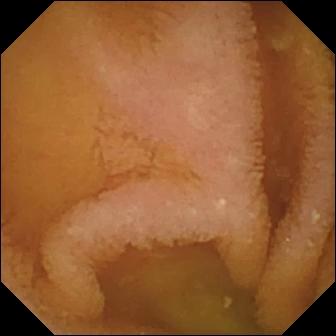Small-bowel capsule endoscopy. Small intestine. Luminal finding. Observation: normal clean mucosa.